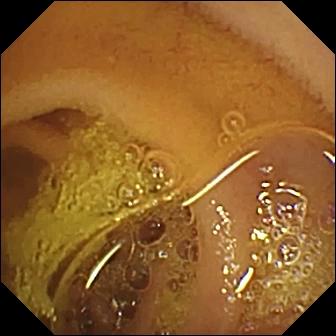Normal clean mucosa — WCE snapshot of the small intestine.